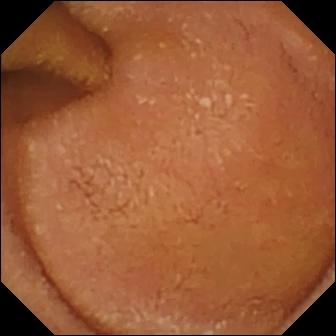PROCEDURE: VCE.
SEGMENT: Small intestine.
FINDINGS: Normal clean mucosa.